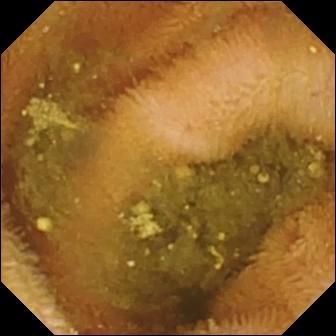WCE snapshot (small bowel), 336×336. Reduced mucosal view (content or bubbles obscuring the mucosa).